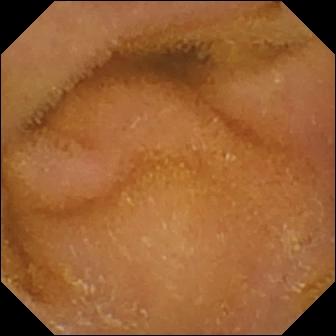VCE frame (small intestine). Normal clean mucosa.